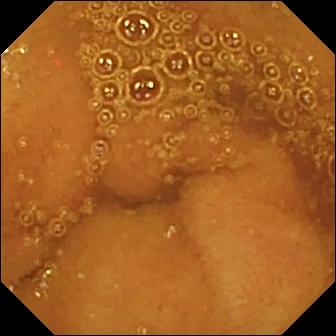{"modality": "VCE", "segment": "small bowel", "finding": "normal clean mucosa"}